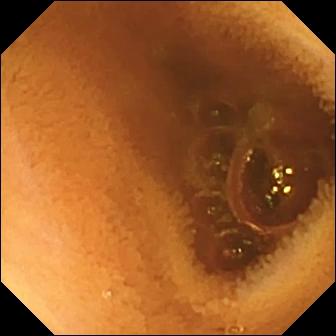- modality: WCE
- impression: normal clean mucosa